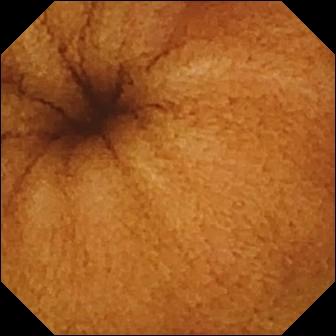WCE snapshot of the small bowel showing normal clean mucosa.